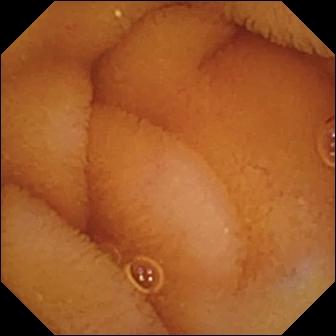Q: What does this video capsule endoscopy snapshot show?
A: Normal clean mucosa.